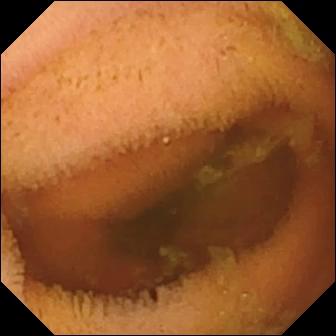WCE view. Normal clean mucosa.